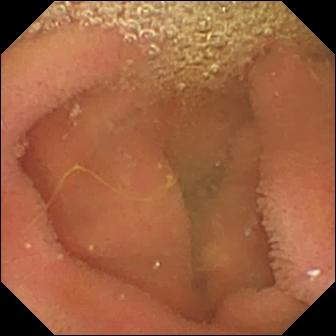modality: wireless capsule endoscopy
observation: lymphangiectasia